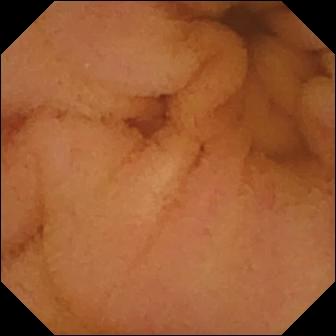Small-bowel capsule endoscopy view (small intestine). Normal clean mucosa.